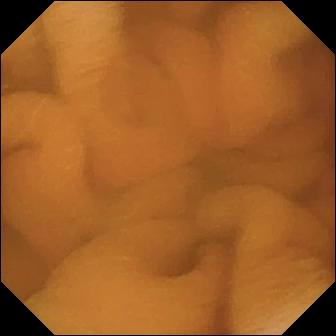Normal clean mucosa — VCE frame.